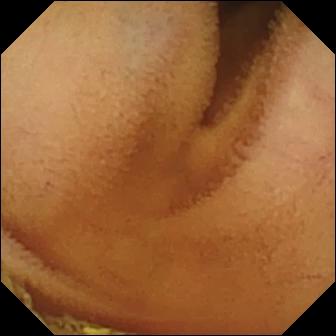Normal clean mucosa.